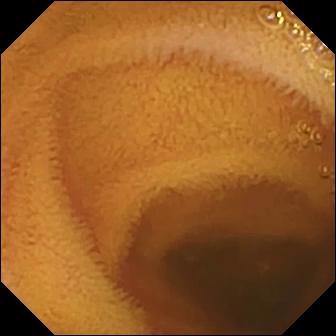VCE view, small intestine
Label: normal clean mucosa